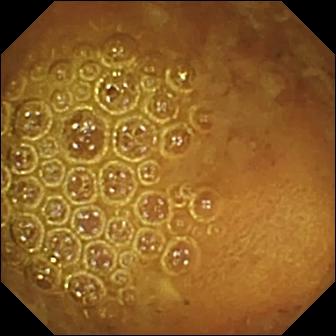- modality: wireless capsule endoscopy
- category: luminal finding
- finding: reduced mucosal view (content or bubbles obscuring the mucosa)